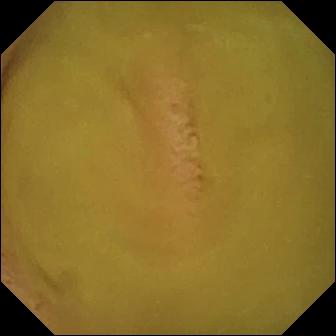Video capsule endoscopy view, small bowel
Finding: normal clean mucosa